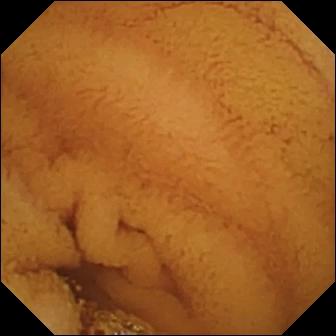Normal clean mucosa — VCE image.